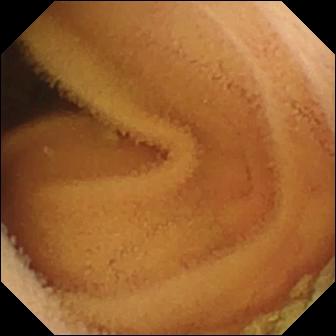Wireless capsule endoscopy — normal clean mucosa.